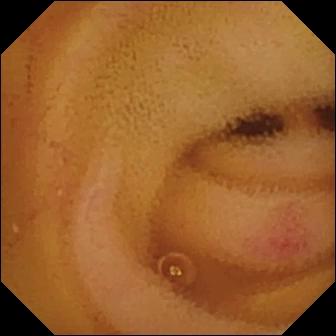Wireless capsule endoscopy image. Angiectasia.